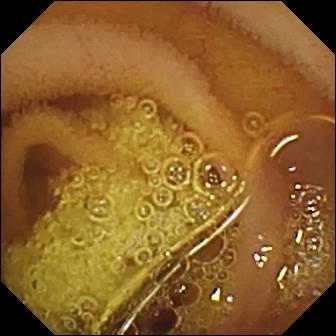This video capsule endoscopy still shows normal clean mucosa.